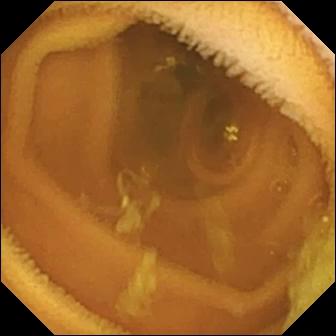Wireless capsule endoscopy view. Normal clean mucosa.